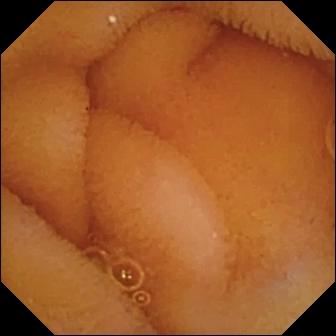WCE. Small bowel. Luminal finding. Observation: normal clean mucosa.